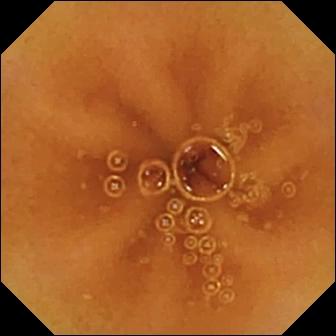Video capsule endoscopy view, small intestine
Impression: normal clean mucosa